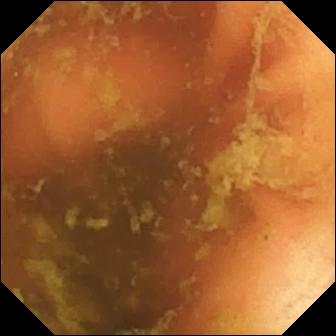PROCEDURE: Capsule endoscopy.
LABEL: Ileo-cecal valve region (where the capsule passes from the small bowel into the large bowel).